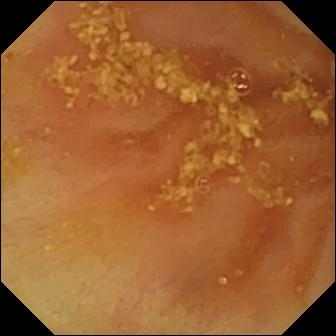modality: WCE
video segment: ileo-cecal valve region